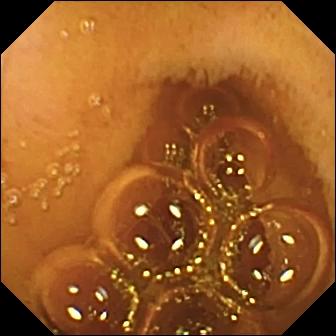modality: capsule endoscopy; finding: normal clean mucosa